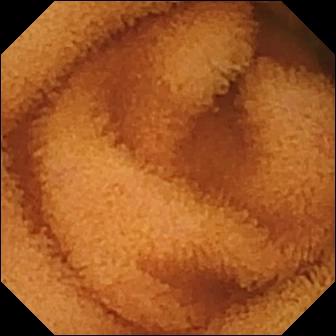PROCEDURE: Wireless capsule endoscopy.
SEGMENT: Small intestine.
FINDINGS: Normal clean mucosa.